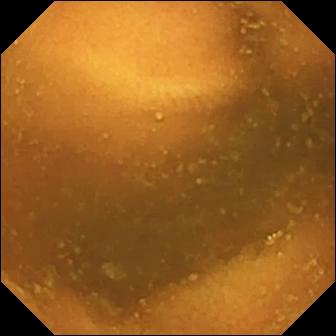VCE image (small intestine), 336×336. Normal clean mucosa.